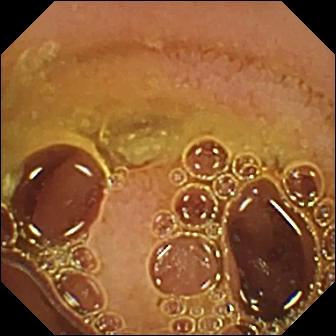WCE frame of the small intestine showing normal clean mucosa.